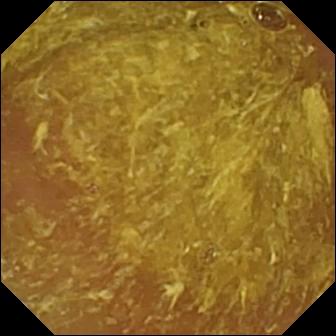modality: WCE | segment: small bowel | impression: reduced mucosal view (content or bubbles obscuring the mucosa)